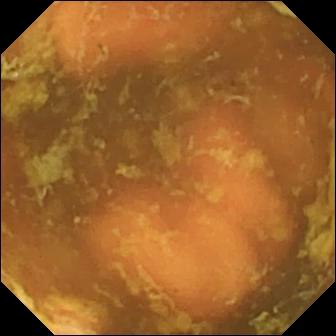Wireless capsule endoscopy. Label: ileo-cecal valve region (the transition from the small bowel to the large bowel).